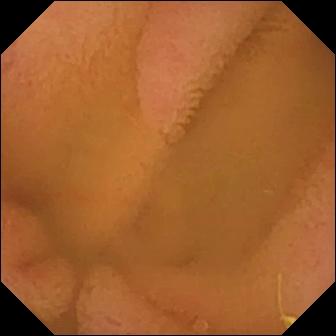modality: small-bowel capsule endoscopy; segment: small intestine; label: normal clean mucosa